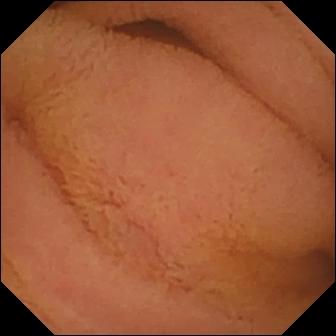VCE. Small intestine. Finding: normal clean mucosa.